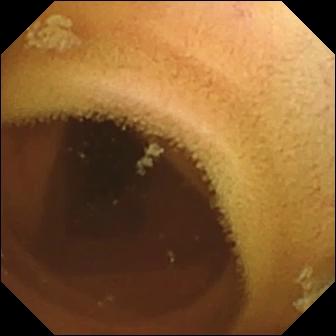{"modality": "small-bowel capsule endoscopy", "finding": "normal clean mucosa"}